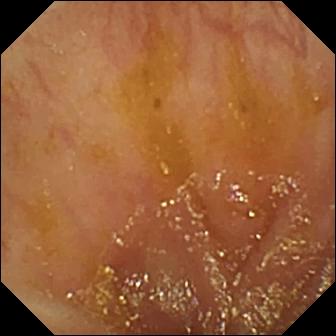VCE — ileo-cecal valve region (where the capsule passes from the small bowel into the large bowel).